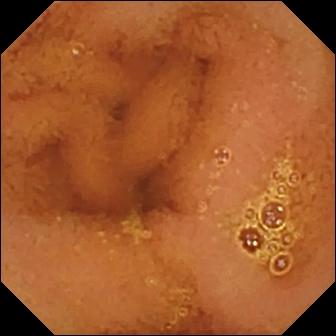This VCE frame of the small intestine shows normal clean mucosa.